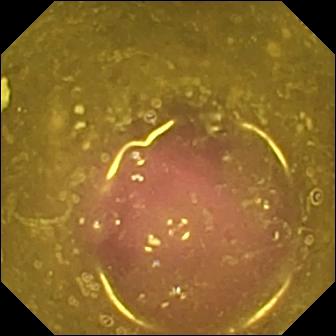Video capsule endoscopy frame (small bowel). Reduced mucosal view (content or bubbles obscuring the mucosa).